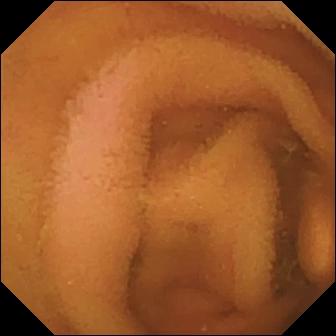- modality: video capsule endoscopy
- segment: small intestine
- category: luminal finding
- label: normal clean mucosa